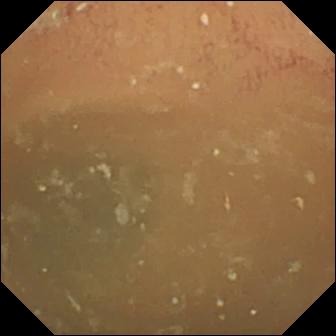Capsule endoscopy image. Normal clean mucosa.